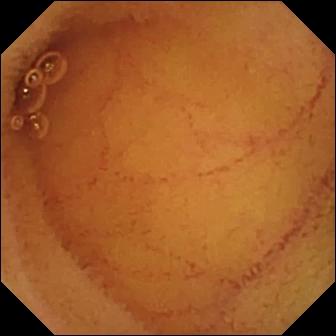WCE frame. Normal clean mucosa.